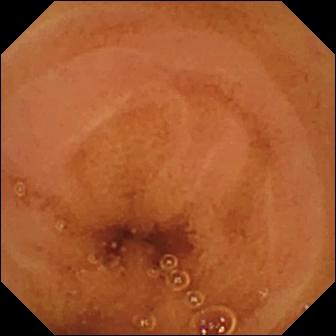VCE still (small intestine). Normal clean mucosa.